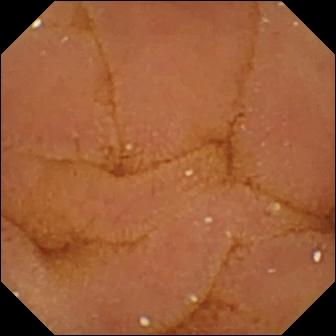Normal clean mucosa.